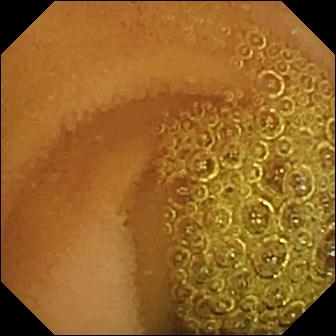Normal clean mucosa — capsule endoscopy still of the small bowel.